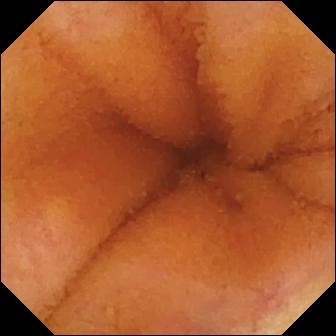Capsule endoscopy snapshot showing normal clean mucosa.